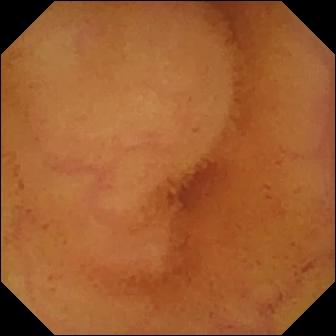Wireless capsule endoscopy snapshot
Impression: normal clean mucosa